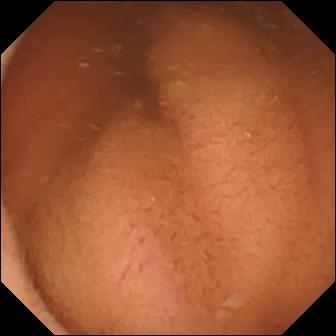Pylorus region (the junction between the stomach and the small bowel) — capsule endoscopy snapshot.